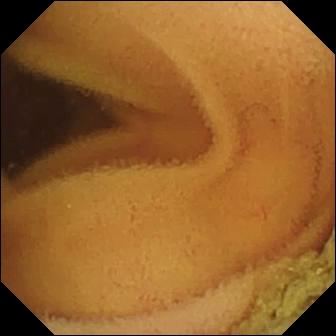Video capsule endoscopy image, small intestine
Impression: normal clean mucosa